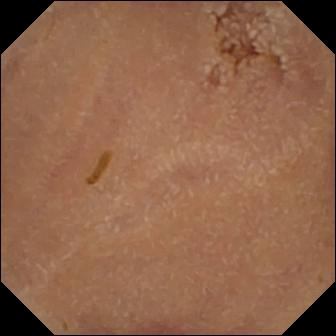Normal clean mucosa (336×336).